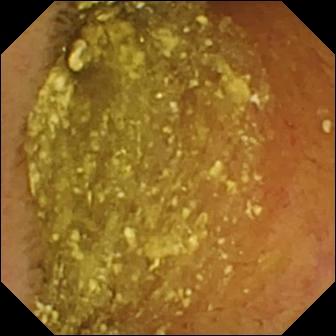Video capsule endoscopy still, small intestine
Impression: normal clean mucosa